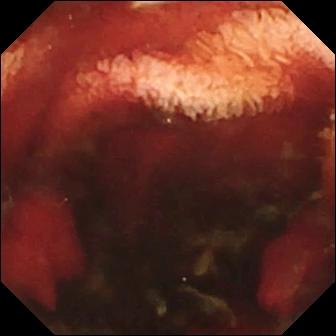This wireless capsule endoscopy image shows fresh blood in the lumen.